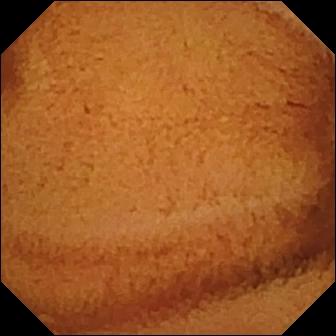- modality: video capsule endoscopy
- label: normal clean mucosa